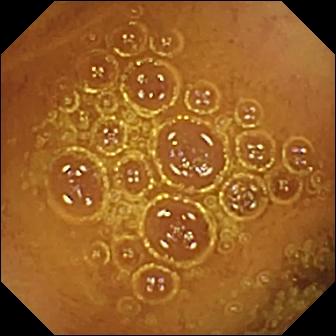WCE. Luminal finding. Impression: normal clean mucosa.